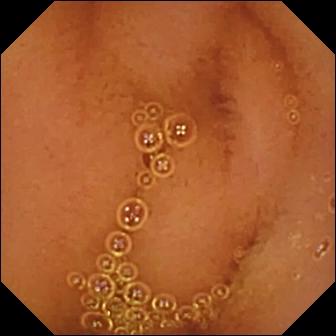This small-bowel capsule endoscopy snapshot shows normal clean mucosa.